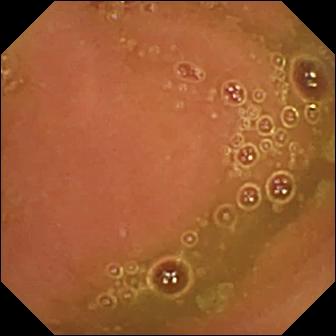Capsule endoscopy. Luminal finding. Label: normal clean mucosa.